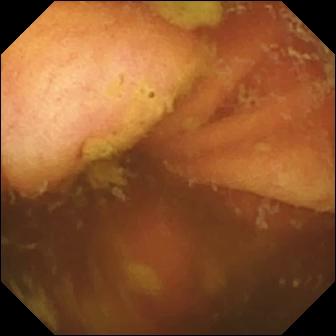VCE — ileo-cecal valve region.